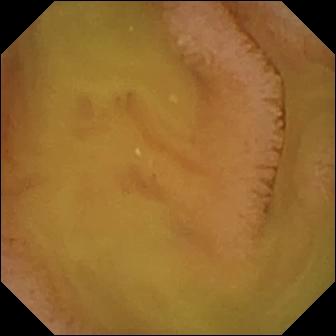Capsule endoscopy. Luminal finding. Label: normal clean mucosa.